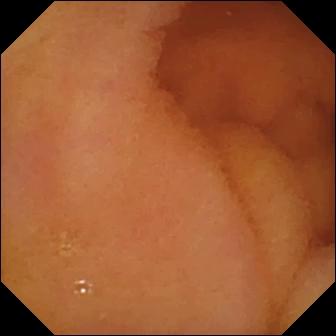Capsule endoscopy. Label: normal clean mucosa.